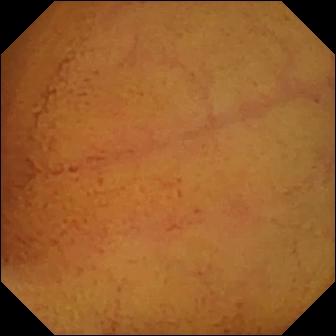WCE — normal clean mucosa.